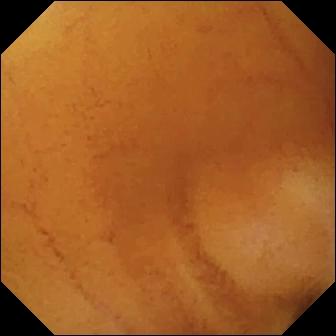This VCE image shows normal clean mucosa.